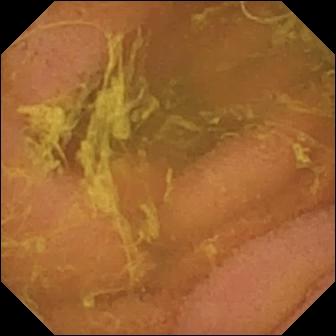PROCEDURE: WCE.
SEGMENT: Small bowel.
FINDINGS: Normal clean mucosa.